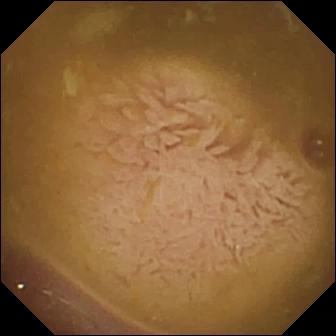Ileo-cecal valve region (where the capsule passes from the small bowel into the large bowel), 336×336.